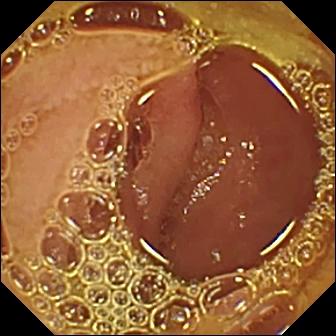Normal clean mucosa (336×336).